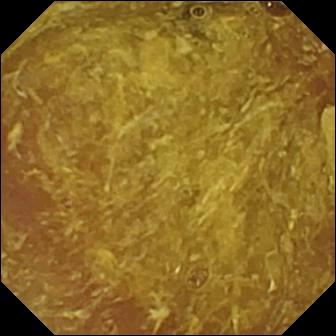Video capsule endoscopy snapshot. Reduced mucosal view (content or bubbles obscuring the mucosa).